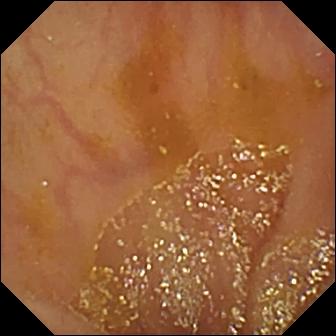Q: Where in the digestive tract was this capsule endoscopy still taken?
A: Ileo-cecal valve region (the transition from the small bowel to the large bowel).